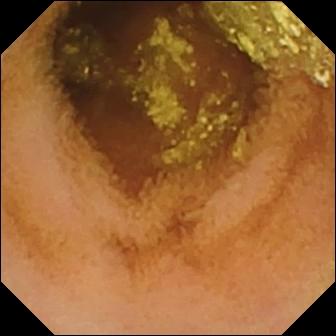Small-bowel capsule endoscopy snapshot (small bowel), 336×336. Normal clean mucosa.